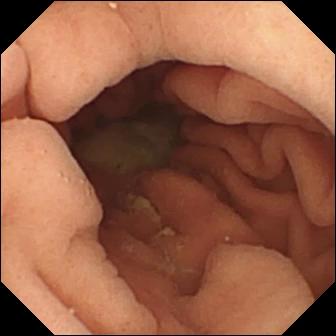Pylorus region.